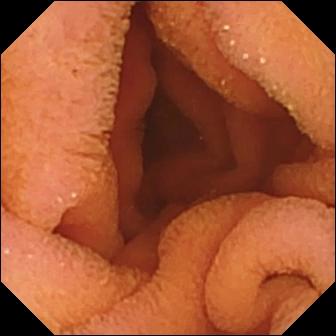PROCEDURE: Video capsule endoscopy.
FINDINGS: Normal clean mucosa.